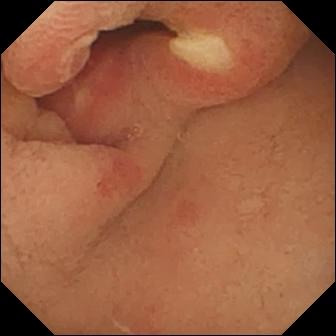Video capsule endoscopy view. Ulcer.